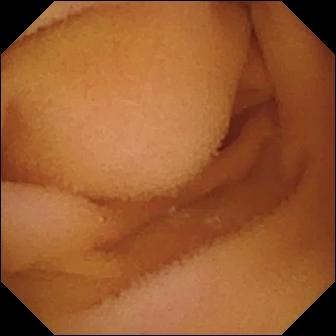Video capsule endoscopy — normal clean mucosa.